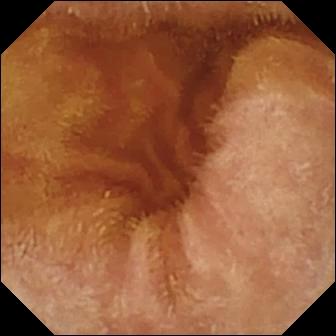VCE. Label: normal clean mucosa.